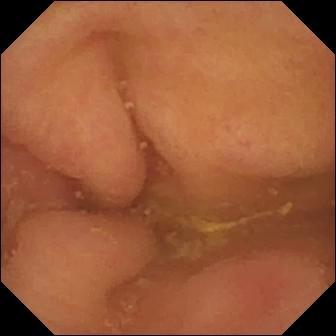Video capsule endoscopy view taken in the pylorus region (where the capsule passes from the stomach into the small bowel).